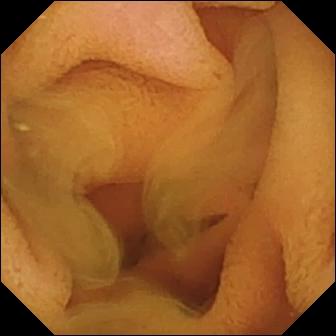This VCE snapshot shows normal clean mucosa.